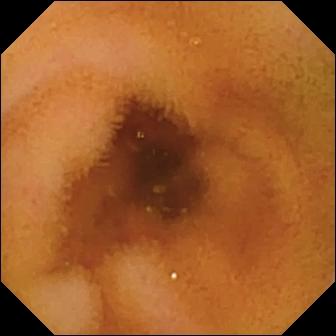VCE image, small bowel
Impression: normal clean mucosa